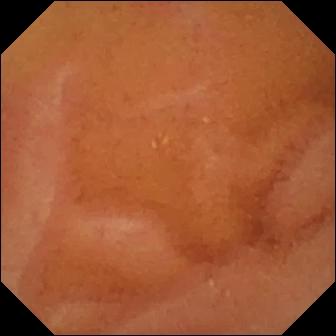WCE view. Normal clean mucosa.